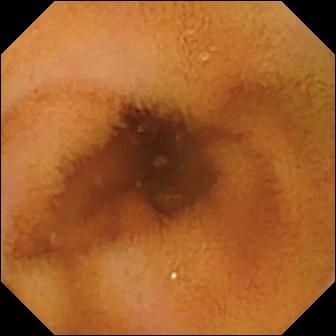Wireless capsule endoscopy snapshot. Normal clean mucosa.